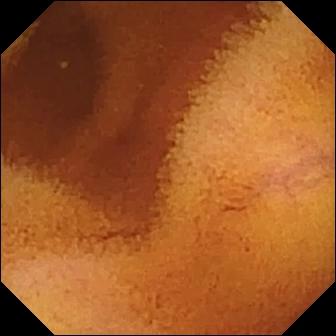Normal clean mucosa.